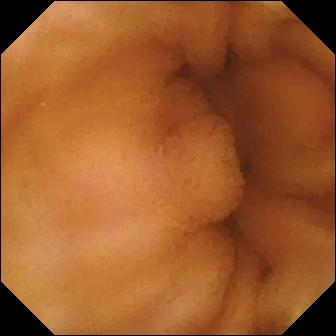Wireless capsule endoscopy. Small bowel. Label: normal clean mucosa.